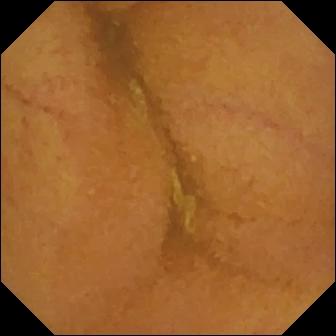Normal clean mucosa (336×336).